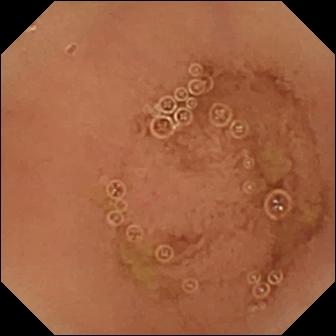Wireless capsule endoscopy snapshot of the small bowel showing normal clean mucosa.